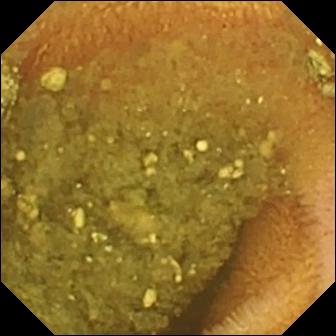WCE still of the small intestine showing reduced mucosal view (content or bubbles obscuring the mucosa).